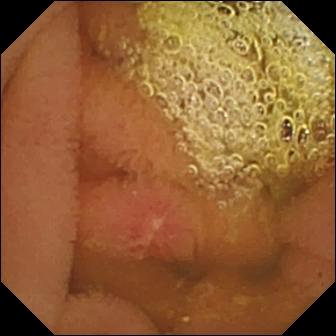- modality: wireless capsule endoscopy
- impression: erosion